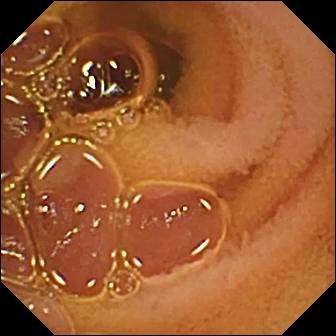Capsule endoscopy view showing normal clean mucosa.